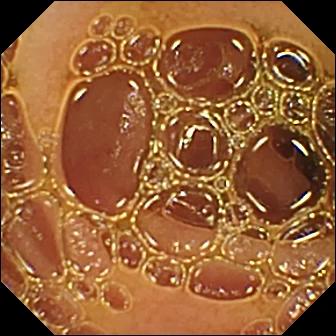Wireless capsule endoscopy — normal clean mucosa.